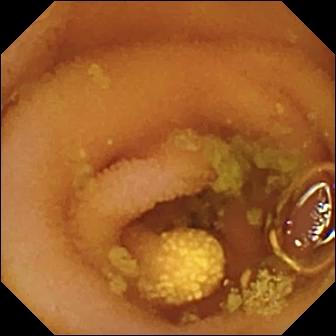Lymphangiectasia — video capsule endoscopy still.